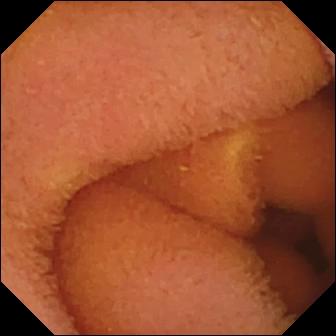Normal clean mucosa — small-bowel capsule endoscopy view of the small intestine.